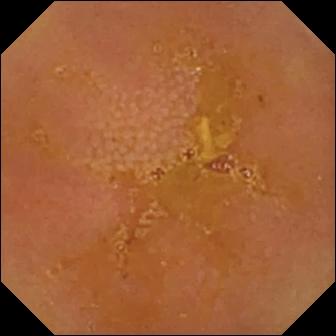{"modality": "wireless capsule endoscopy", "segment": "small bowel", "category": "luminal finding", "finding": "reduced mucosal view (content or bubbles obscuring the mucosa)"}